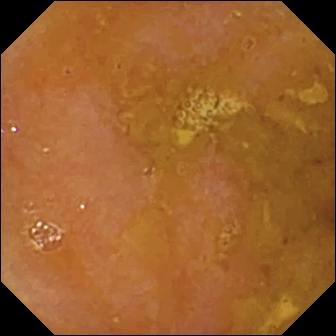PROCEDURE: VCE.
SEGMENT: Small intestine.
FINDINGS: Reduced mucosal view (content or bubbles obscuring the mucosa).